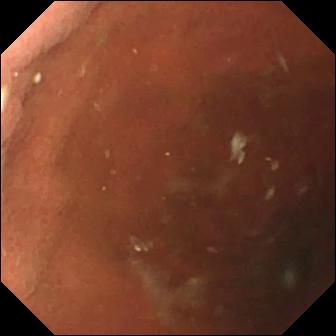- modality: video capsule endoscopy
- label: pylorus region (the junction between the stomach and the small bowel)